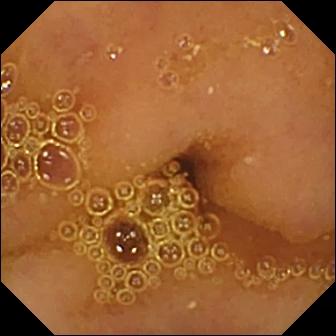{"modality": "video capsule endoscopy", "category": "luminal finding", "finding": "normal clean mucosa"}